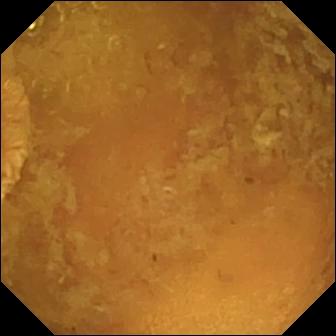Reduced mucosal view (content or bubbles obscuring the mucosa).